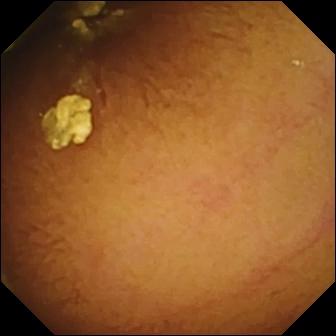WCE view, small intestine
Label: normal clean mucosa